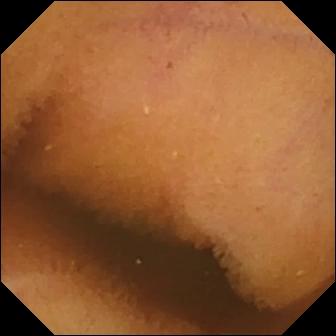Capsule endoscopy image. Normal clean mucosa.